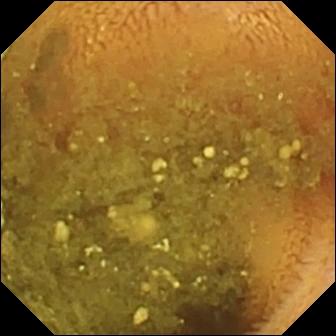PROCEDURE: Wireless capsule endoscopy.
SEGMENT: Small intestine.
FINDINGS: Reduced mucosal view (content or bubbles obscuring the mucosa).